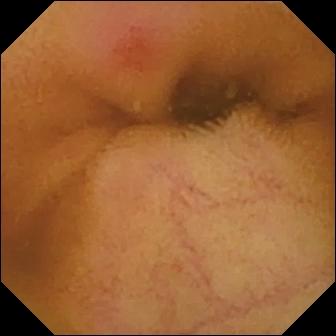This small-bowel capsule endoscopy snapshot shows erythema (mucosal redness).